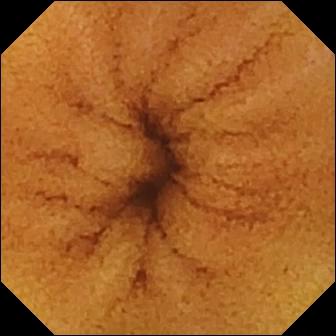- modality: WCE
- segment: small intestine
- category: luminal finding
- finding: normal clean mucosa